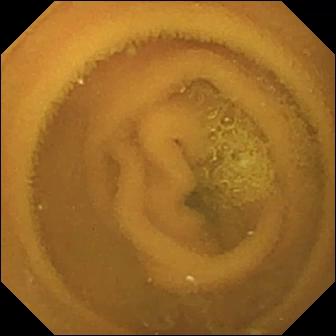Wireless capsule endoscopy view of the small bowel showing normal clean mucosa.